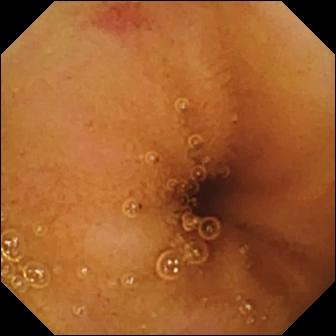modality: video capsule endoscopy | impression: angiectasia